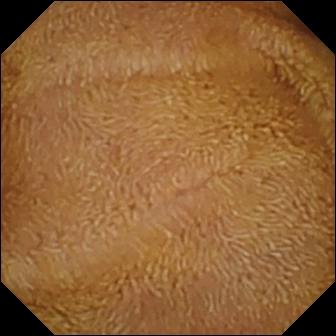Wireless capsule endoscopy view (small bowel). Normal clean mucosa.